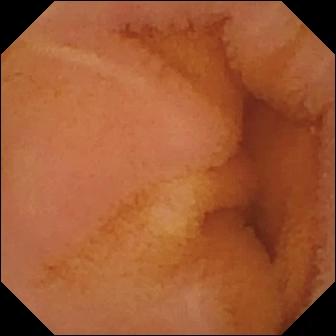Normal clean mucosa — VCE image.